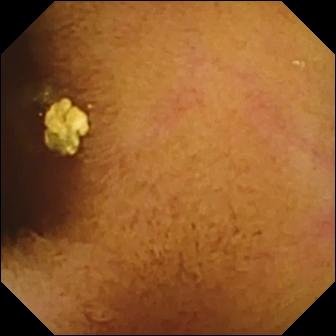Normal clean mucosa — small-bowel capsule endoscopy still of the small bowel.